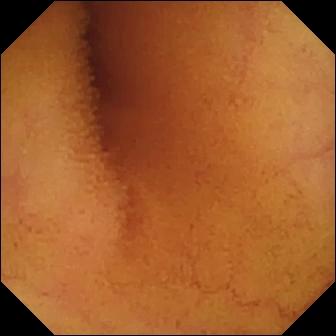WCE snapshot of the small intestine showing normal clean mucosa.